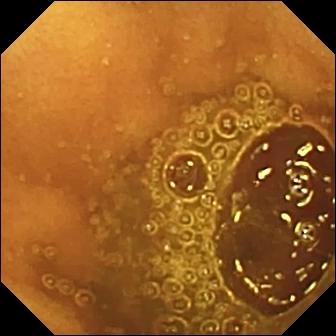Wireless capsule endoscopy snapshot. Normal clean mucosa.